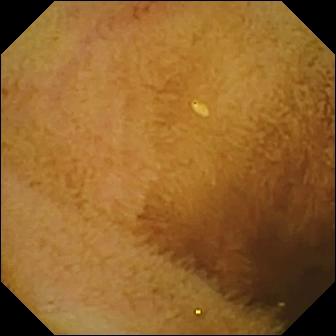Video capsule endoscopy still (small intestine). Normal clean mucosa.